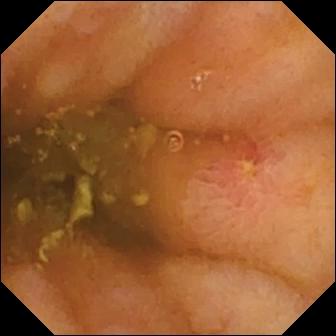Capsule endoscopy still showing ulcer.